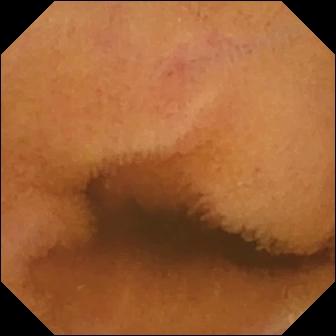Small-bowel capsule endoscopy — normal clean mucosa.